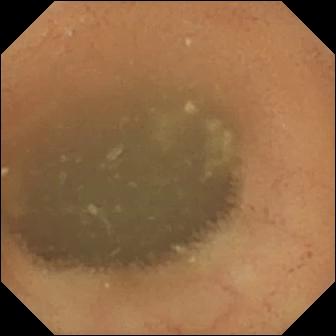VCE — normal clean mucosa.